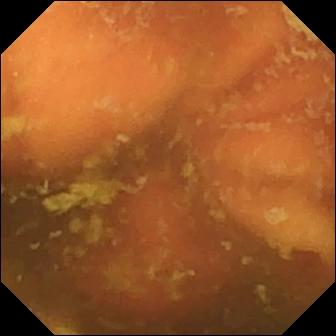Capsule endoscopy image
Label: ileo-cecal valve region (where the capsule passes from the small bowel into the large bowel)